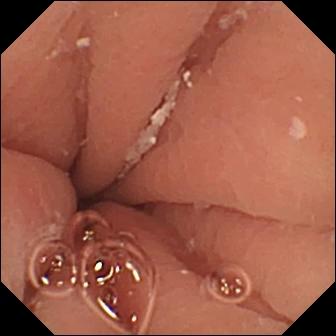This video capsule endoscopy view was taken in the pylorus region.